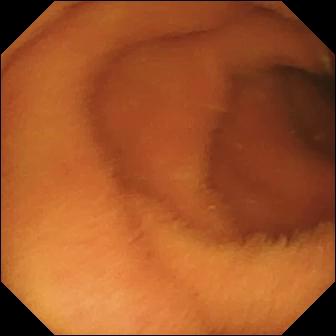modality: small-bowel capsule endoscopy
segment: small bowel
finding: normal clean mucosa